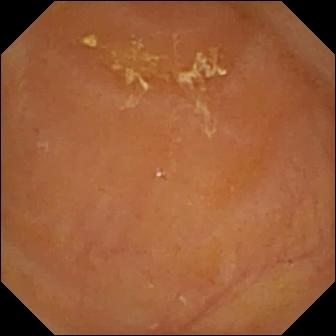modality: capsule endoscopy
segment: small intestine
label: reduced mucosal view (content or bubbles obscuring the mucosa)